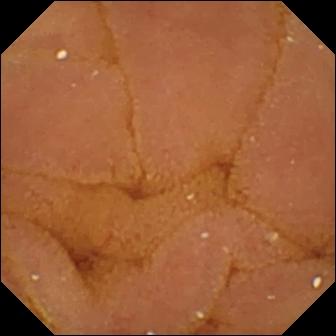Normal clean mucosa — WCE view.